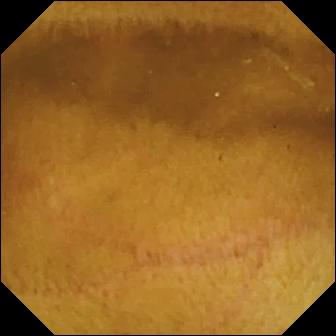- modality: capsule endoscopy
- observation: normal clean mucosa